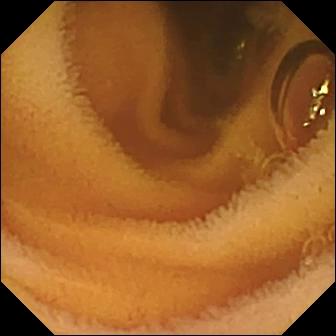VCE frame of the small intestine showing normal clean mucosa.